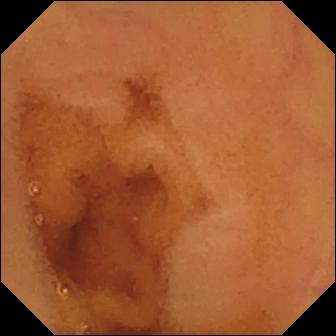This WCE still shows normal clean mucosa.